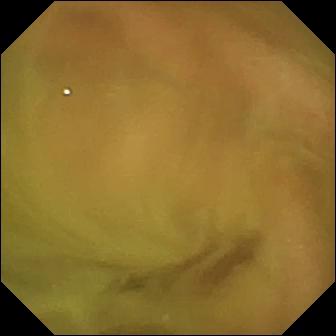Small-bowel capsule endoscopy snapshot (small intestine). Normal clean mucosa.